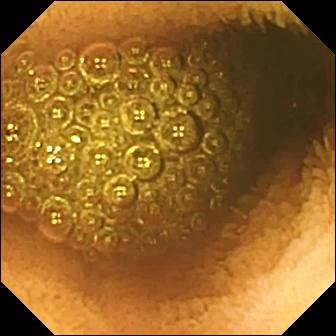Wireless capsule endoscopy — reduced mucosal view (content or bubbles obscuring the mucosa).